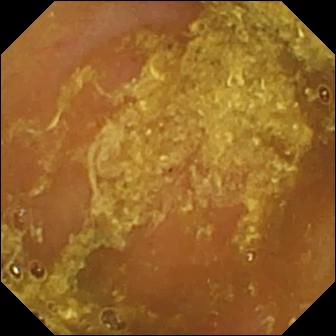Q: What does this VCE image show?
A: Reduced mucosal view (content or bubbles obscuring the mucosa).